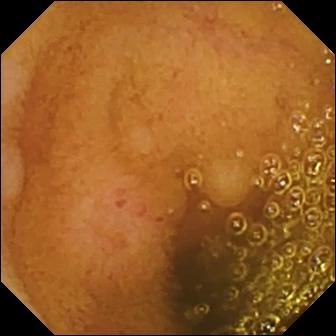This video capsule endoscopy snapshot shows erosion.